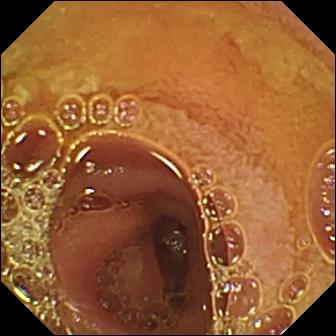Wireless capsule endoscopy image (small intestine). Normal clean mucosa.